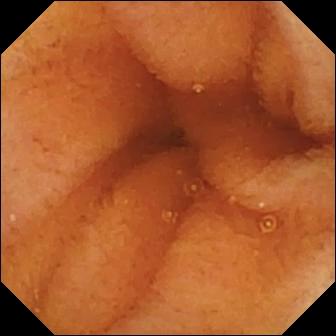VCE still (small bowel). Normal clean mucosa.